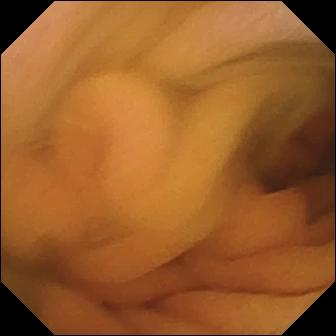Q: What does this WCE image of the small intestine show?
A: Normal clean mucosa.